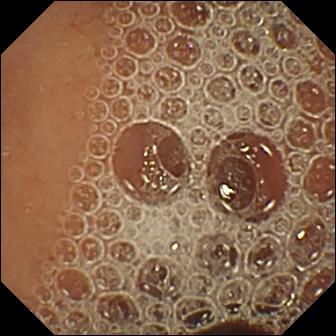Wireless capsule endoscopy view
Impression: normal clean mucosa